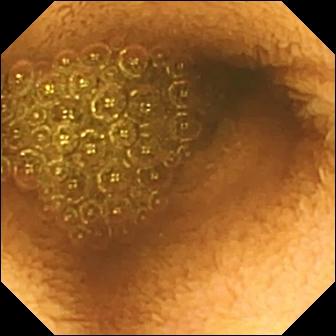VCE snapshot, small intestine
Impression: reduced mucosal view (content or bubbles obscuring the mucosa)